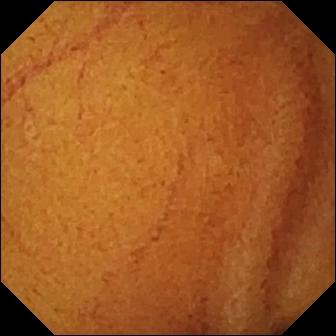Small-bowel capsule endoscopy still (small intestine). Normal clean mucosa.